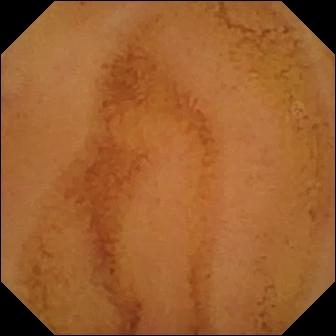- modality: VCE
- segment: small bowel
- category: luminal finding
- label: normal clean mucosa